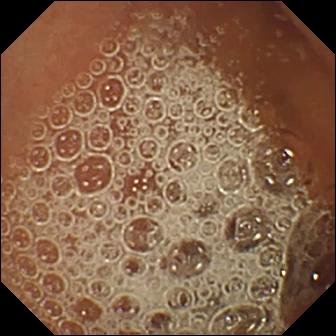Capsule endoscopy image showing normal clean mucosa.